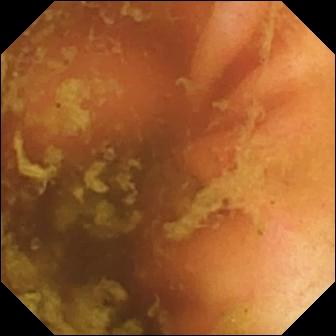WCE. Video segment: ileo-cecal valve region.